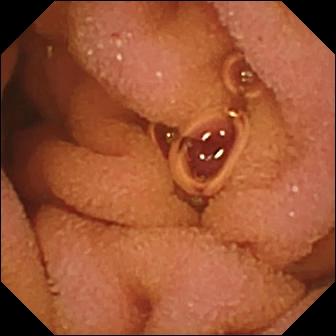modality: capsule endoscopy
observation: normal clean mucosa